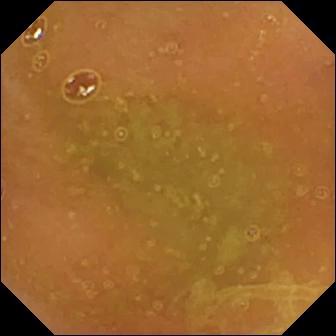This capsule endoscopy view shows normal clean mucosa.